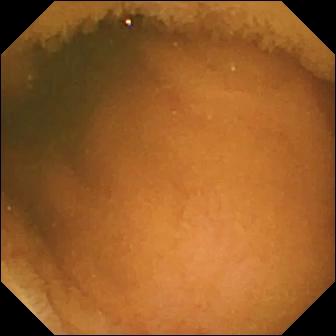Normal clean mucosa — WCE still.